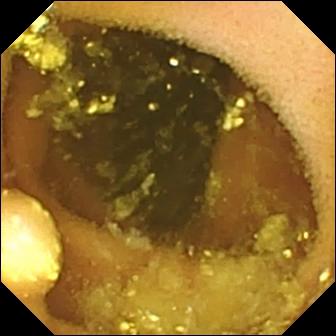Small-bowel capsule endoscopy. Luminal finding. Observation: lymphangiectasia.